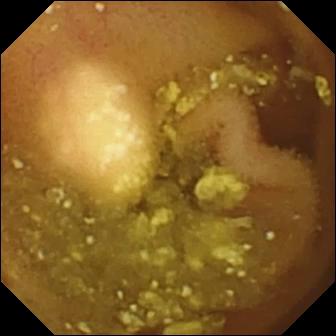- modality: video capsule endoscopy
- label: lymphangiectasia